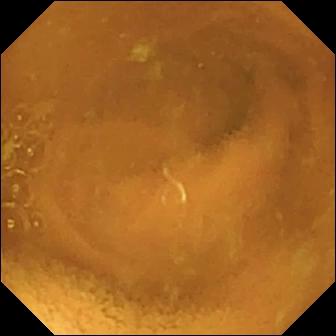Normal clean mucosa (336×336).